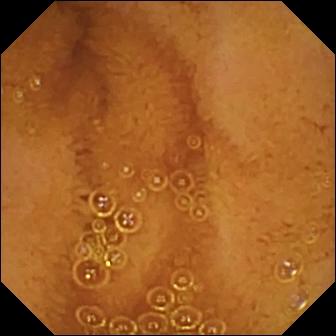Video capsule endoscopy snapshot of the small bowel showing normal clean mucosa.